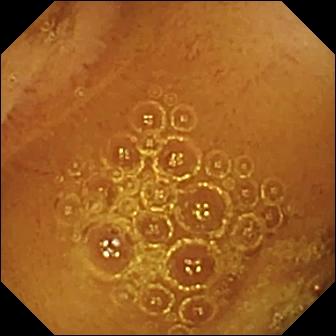This small-bowel capsule endoscopy still shows normal clean mucosa.